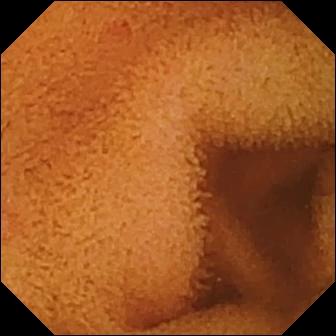modality: wireless capsule endoscopy
observation: normal clean mucosa